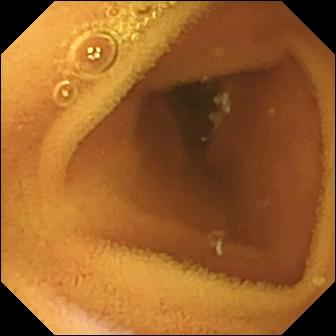WCE — normal clean mucosa.